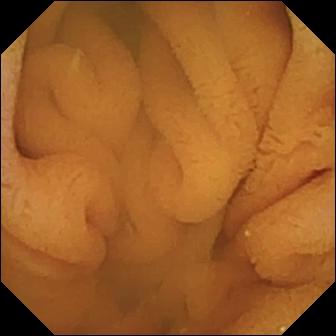Normal clean mucosa.